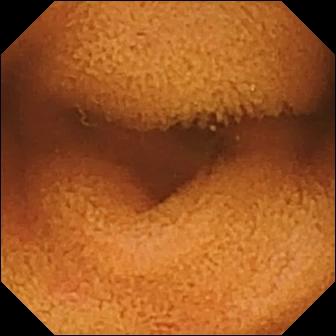Wireless capsule endoscopy — normal clean mucosa.